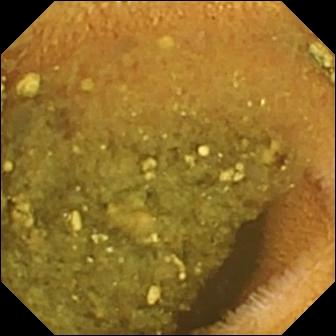Wireless capsule endoscopy image (small intestine). Reduced mucosal view (content or bubbles obscuring the mucosa).